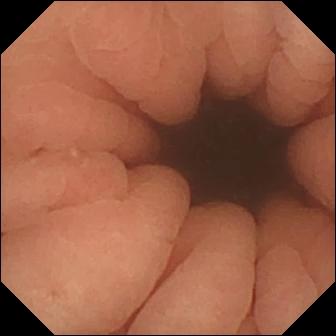{"modality": "wireless capsule endoscopy", "location": "pylorus region (the junction between the stomach and the small bowel)"}